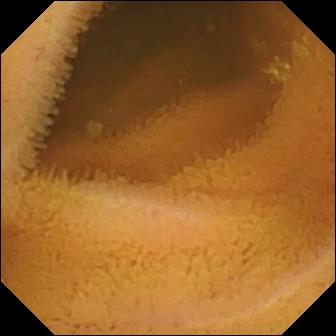WCE still showing normal clean mucosa.